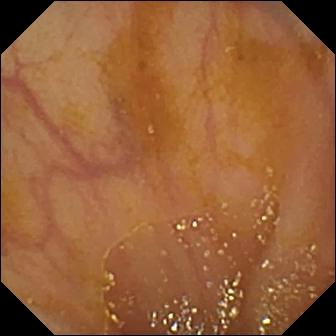Video capsule endoscopy — ileo-cecal valve region.